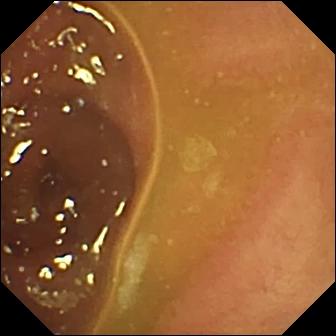VCE image showing normal clean mucosa.